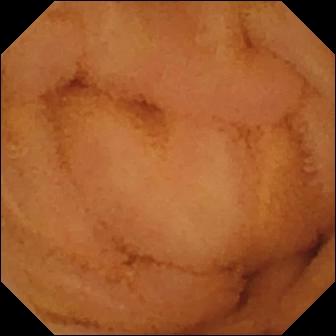- modality: VCE
- segment: small intestine
- category: luminal finding
- finding: normal clean mucosa